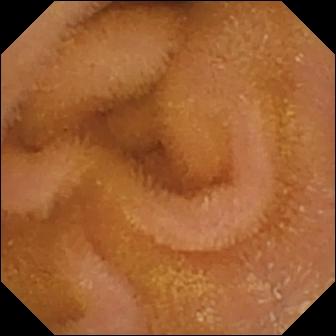Q: What does this WCE image show?
A: Normal clean mucosa.